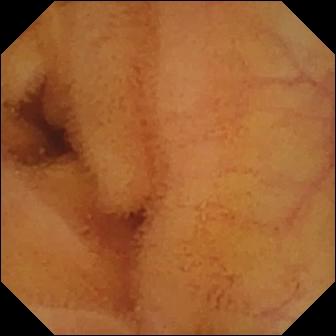{"modality": "VCE", "category": "luminal finding", "finding": "normal clean mucosa"}